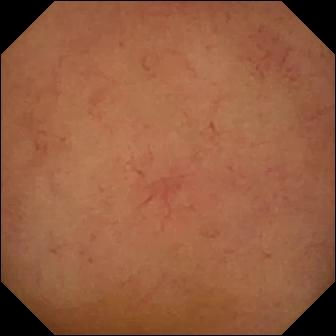VCE — normal clean mucosa.